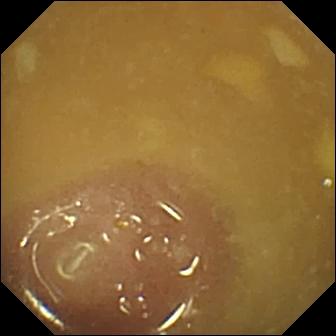VCE still taken in the ileo-cecal valve region (the transition from the small bowel to the large bowel).